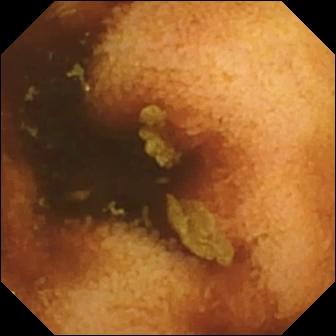Video capsule endoscopy. Small intestine. Luminal finding. Impression: normal clean mucosa.